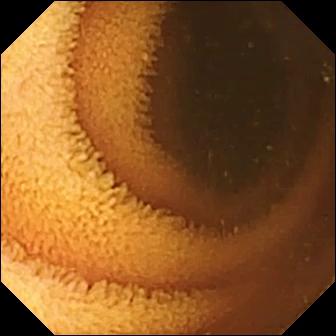This VCE image of the small bowel shows normal clean mucosa.